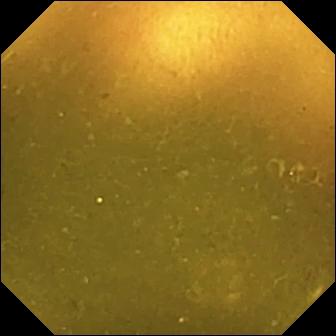modality: VCE; category: anatomical landmark; label: ileo-cecal valve region (where the capsule passes from the small bowel into the large bowel)